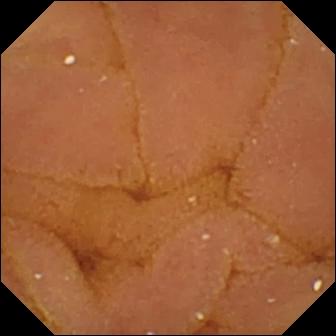Wireless capsule endoscopy view, small intestine
Observation: normal clean mucosa